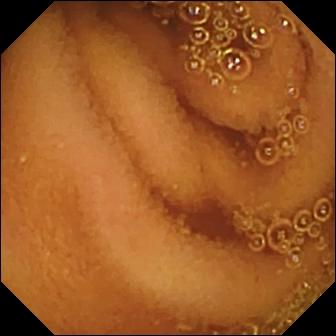modality: small-bowel capsule endoscopy | segment: small bowel | finding: normal clean mucosa